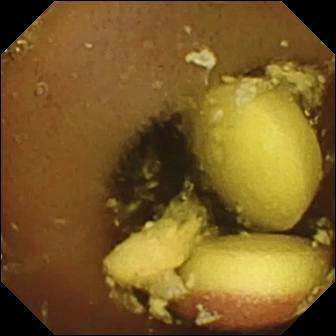Video capsule endoscopy. Finding: foreign body (e.g. retained capsule, tablet residue).